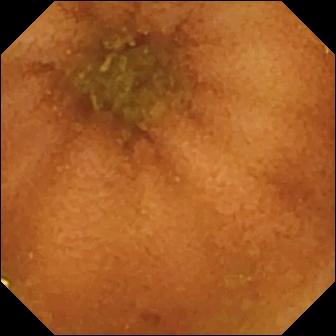Wireless capsule endoscopy snapshot
Label: normal clean mucosa